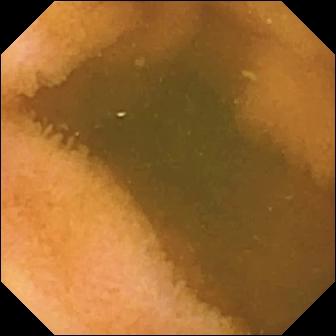Q: What does this small-bowel capsule endoscopy snapshot of the small bowel show?
A: Normal clean mucosa.